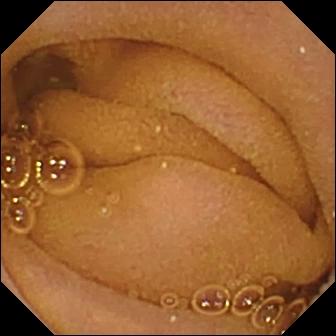Video capsule endoscopy frame, small bowel
Observation: normal clean mucosa